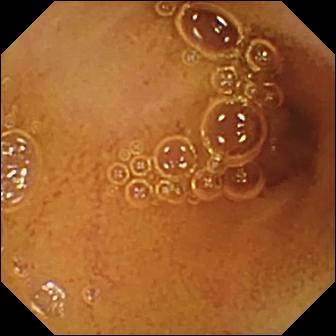{"modality": "small-bowel capsule endoscopy", "segment": "small bowel", "finding": "normal clean mucosa"}